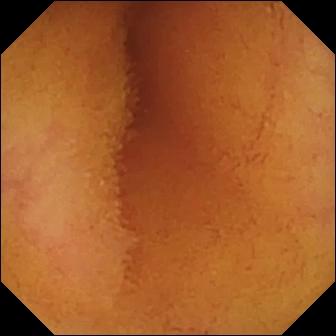WCE still
Finding: normal clean mucosa